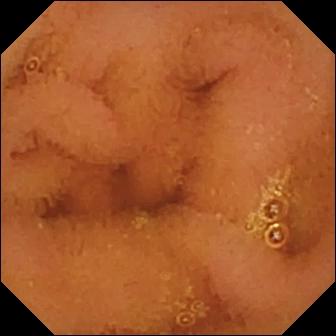Normal clean mucosa.